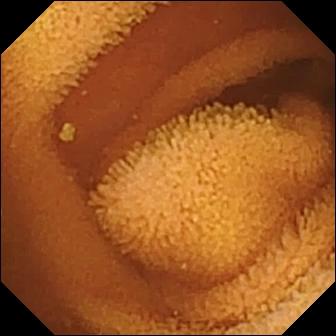modality: video capsule endoscopy
segment: small bowel
finding: normal clean mucosa